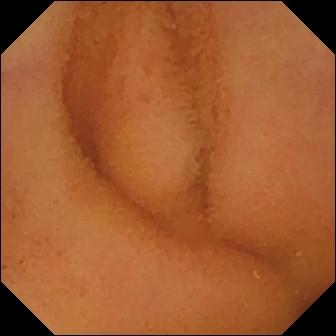Capsule endoscopy — normal clean mucosa.